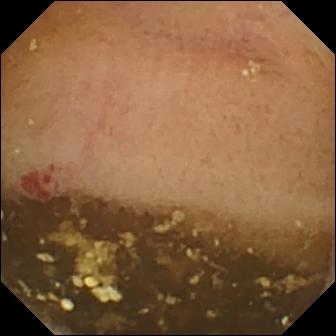WCE — angiectasia.